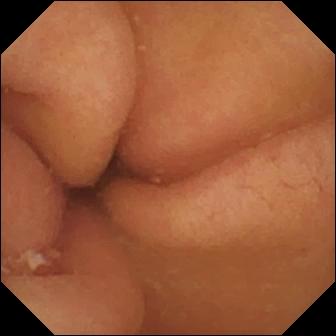Q: Where in the digestive tract was this capsule endoscopy frame taken?
A: Pylorus region (the junction between the stomach and the small bowel).